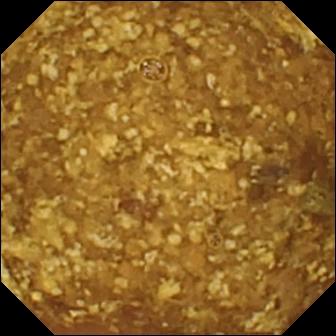WCE image showing reduced mucosal view (content or bubbles obscuring the mucosa).